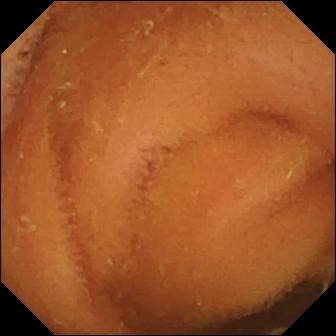VCE. Observation: normal clean mucosa.